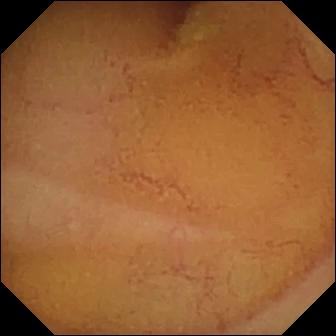- modality: small-bowel capsule endoscopy
- finding: normal clean mucosa